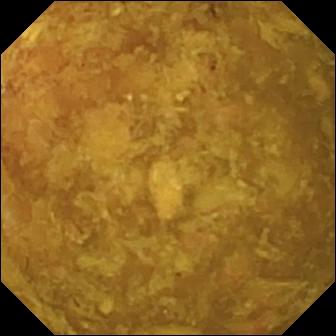{"modality": "video capsule endoscopy", "category": "luminal finding", "finding": "reduced mucosal view (content or bubbles obscuring the mucosa)"}